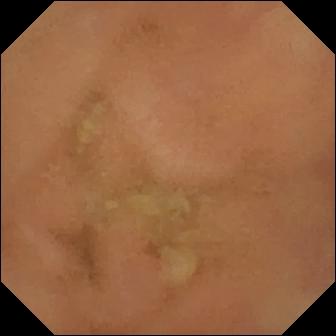Normal clean mucosa (336×336).